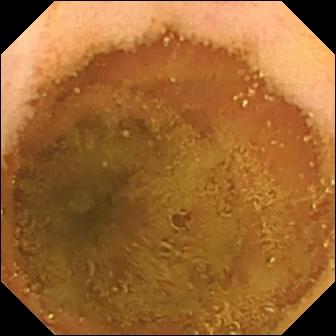This VCE view shows normal clean mucosa.